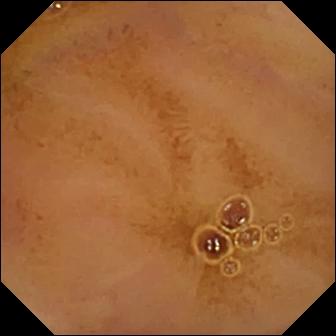Small-bowel capsule endoscopy still. Normal clean mucosa.